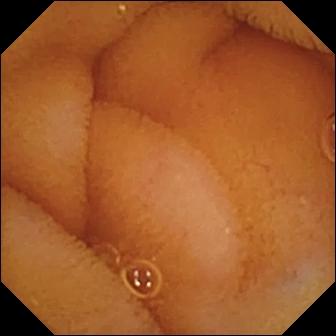PROCEDURE: Capsule endoscopy.
SEGMENT: Small intestine.
FINDINGS: Normal clean mucosa.